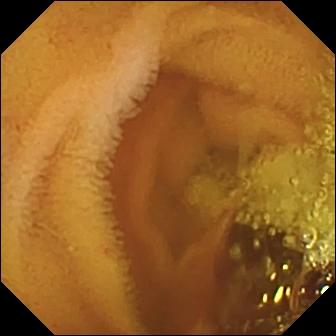modality: video capsule endoscopy; segment: small bowel; category: luminal finding; observation: normal clean mucosa